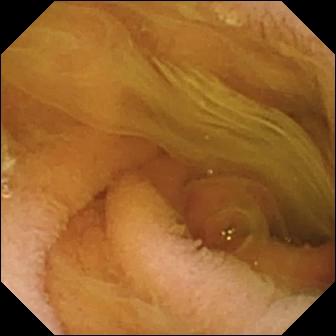Video capsule endoscopy image of the small intestine showing normal clean mucosa.